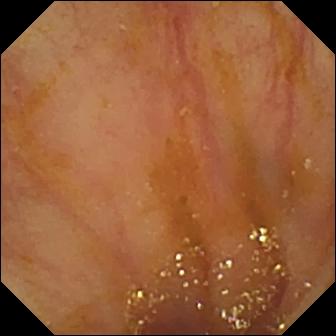Ileo-cecal valve region (the transition from the small bowel to the large bowel).